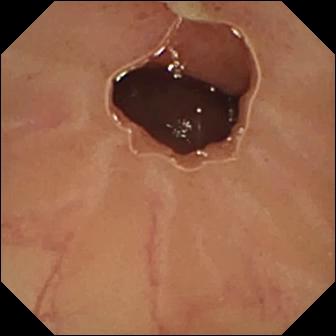Wireless capsule endoscopy image showing ulcer.